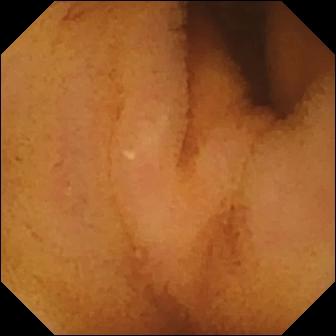{"modality": "wireless capsule endoscopy", "finding": "normal clean mucosa"}